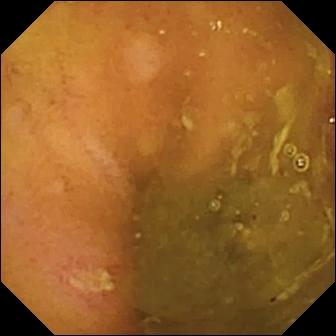{"modality": "WCE", "finding": "ulcer"}